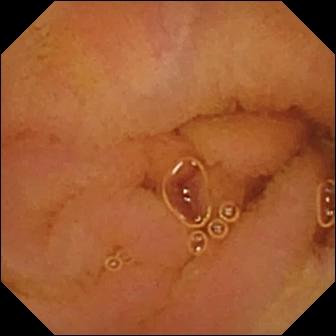Video capsule endoscopy image
Observation: normal clean mucosa